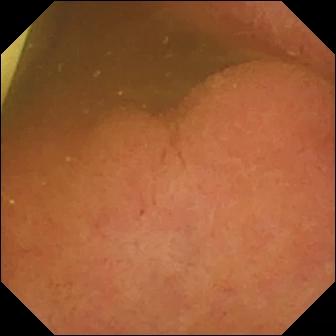Small-bowel capsule endoscopy frame. Foreign body (e.g. retained capsule, tablet residue).